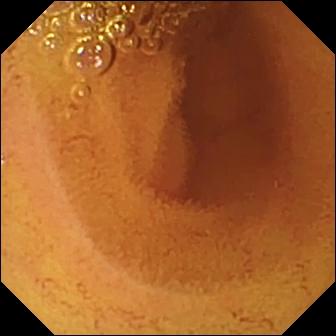Small-bowel capsule endoscopy frame of the small intestine showing normal clean mucosa.